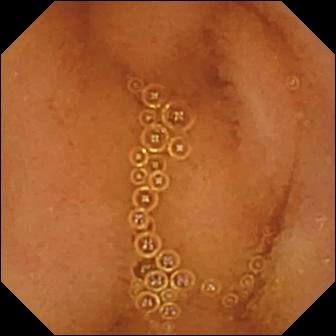Wireless capsule endoscopy. Label: normal clean mucosa.